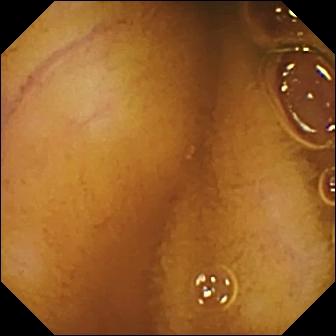WCE. Small bowel. Impression: normal clean mucosa.